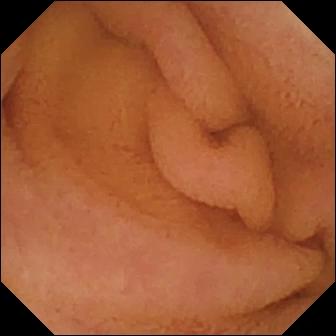Small-bowel capsule endoscopy — normal clean mucosa.